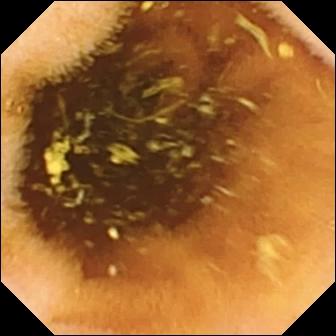Normal clean mucosa — capsule endoscopy image of the small intestine.